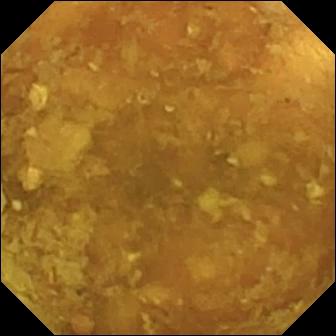{"modality": "capsule endoscopy", "segment": "small intestine", "category": "luminal finding", "finding": "reduced mucosal view (content or bubbles obscuring the mucosa)"}